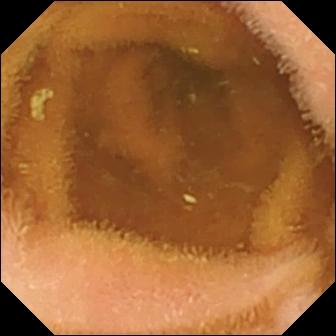Capsule endoscopy. Small bowel. Luminal finding. Label: normal clean mucosa.